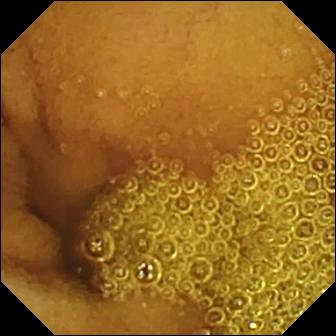- modality: capsule endoscopy
- label: normal clean mucosa